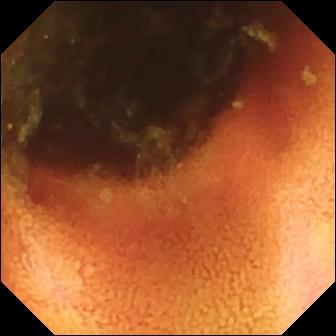- modality: WCE
- category: anatomical landmark
- label: ileo-cecal valve region